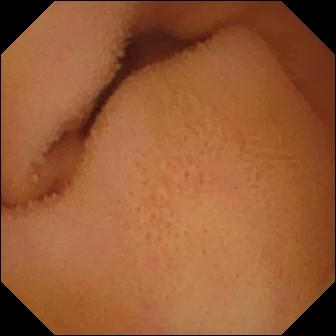Capsule endoscopy frame. Normal clean mucosa.